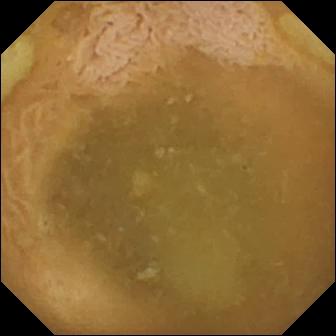Q: Where in the digestive tract was this WCE view taken?
A: Ileo-cecal valve region.